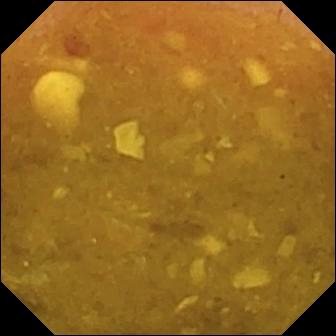VCE. Small bowel. Observation: reduced mucosal view (content or bubbles obscuring the mucosa).